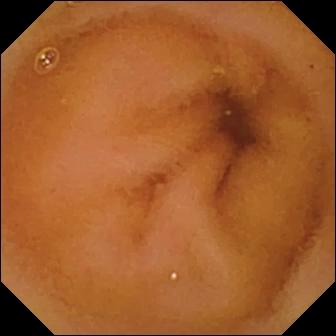WCE image
Impression: normal clean mucosa